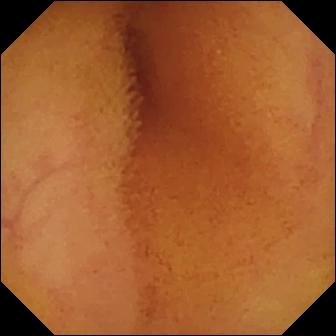This capsule endoscopy snapshot of the small bowel shows normal clean mucosa.